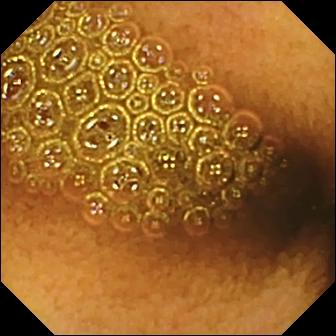WCE. Luminal finding. Finding: reduced mucosal view (content or bubbles obscuring the mucosa).